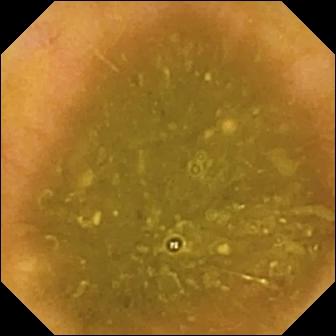- modality: wireless capsule endoscopy
- category: anatomical landmark
- position: ileo-cecal valve region